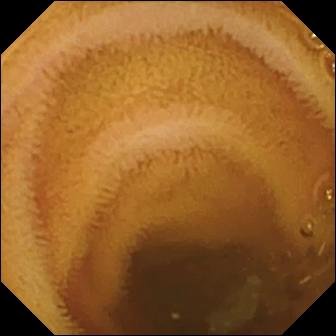PROCEDURE: Small-bowel capsule endoscopy.
FINDINGS: Normal clean mucosa.